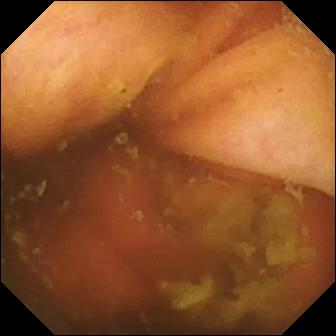WCE snapshot taken in the ileo-cecal valve region.